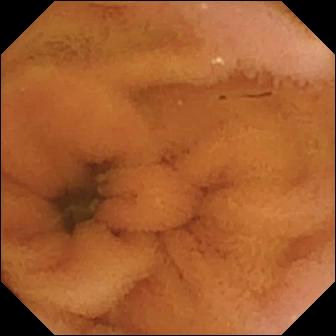modality: capsule endoscopy
category: luminal finding
impression: normal clean mucosa